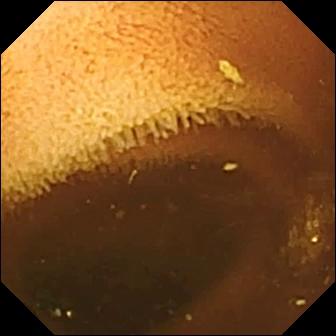Wireless capsule endoscopy image
Impression: normal clean mucosa